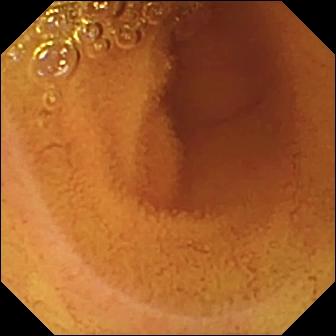Normal clean mucosa — small-bowel capsule endoscopy frame.